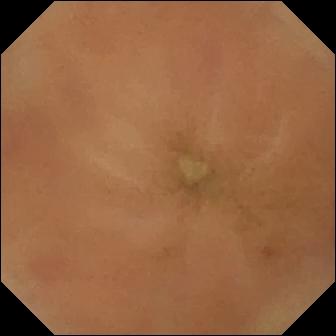modality: video capsule endoscopy | segment: small bowel | impression: normal clean mucosa